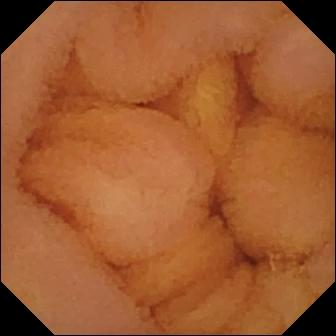WCE snapshot, small intestine
Label: normal clean mucosa